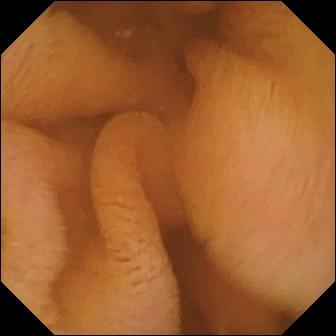Q: What does this video capsule endoscopy still of the small bowel show?
A: Normal clean mucosa.